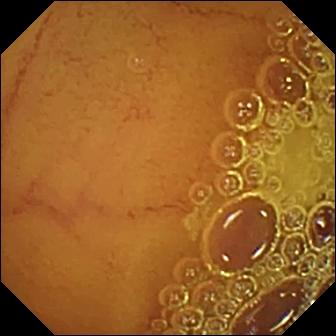modality: wireless capsule endoscopy | segment: small intestine | observation: normal clean mucosa